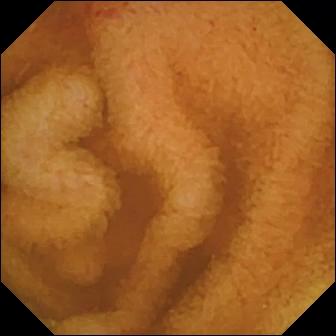Video capsule endoscopy — erosion.